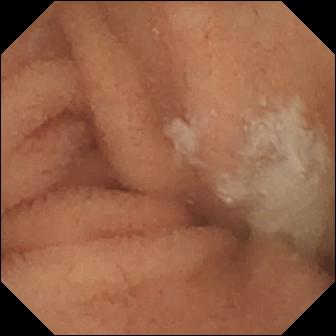modality: video capsule endoscopy
label: normal clean mucosa